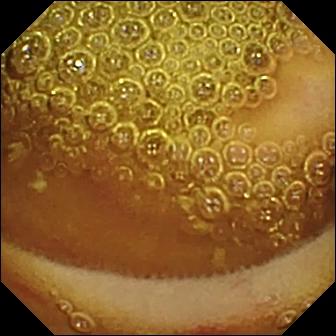PROCEDURE: WCE.
FINDINGS: Erosion.